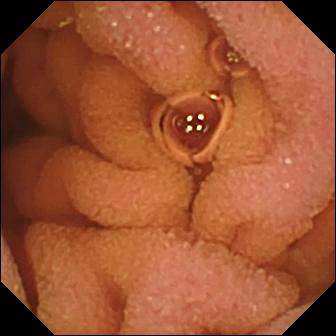Small-bowel capsule endoscopy snapshot of the small intestine showing normal clean mucosa.